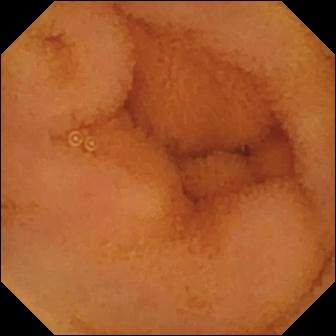Small-bowel capsule endoscopy. Label: normal clean mucosa.